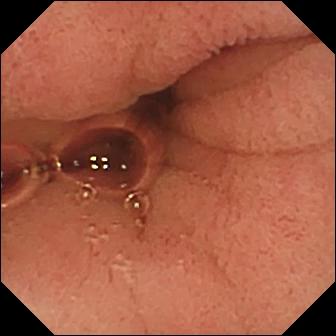Capsule endoscopy image
Location: pylorus region (the junction between the stomach and the small bowel)